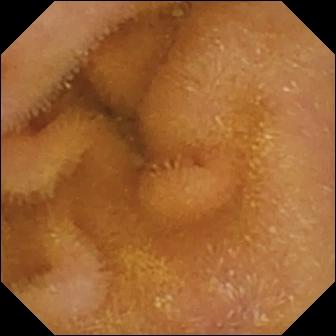{"modality": "video capsule endoscopy", "segment": "small intestine", "category": "luminal finding", "finding": "normal clean mucosa"}